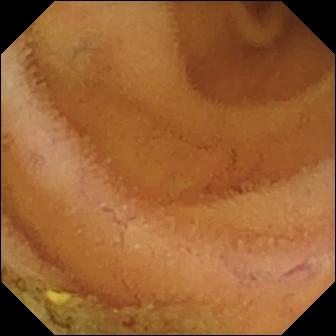Wireless capsule endoscopy frame, small intestine
Impression: normal clean mucosa